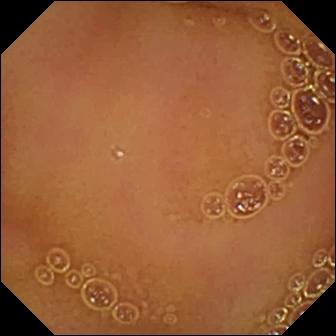modality: small-bowel capsule endoscopy
finding: normal clean mucosa